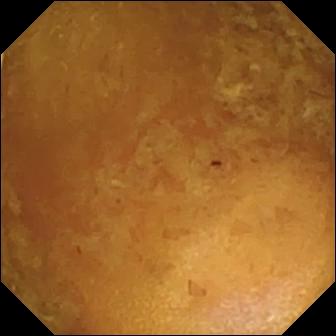Capsule endoscopy view, small intestine
Finding: reduced mucosal view (content or bubbles obscuring the mucosa)